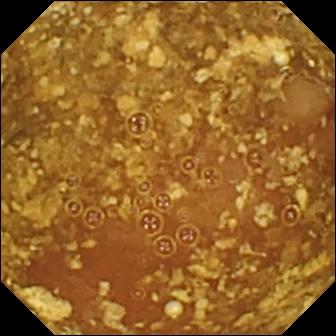VCE view showing reduced mucosal view (content or bubbles obscuring the mucosa).